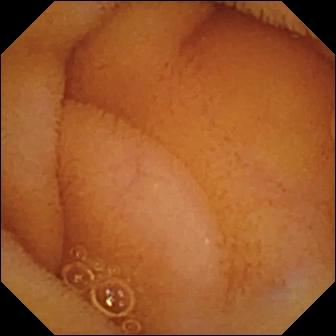{"modality": "VCE", "finding": "normal clean mucosa"}